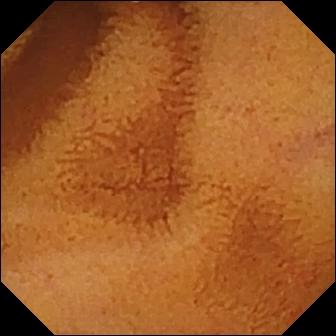PROCEDURE: Video capsule endoscopy.
SEGMENT: Small bowel.
FINDINGS: Normal clean mucosa.